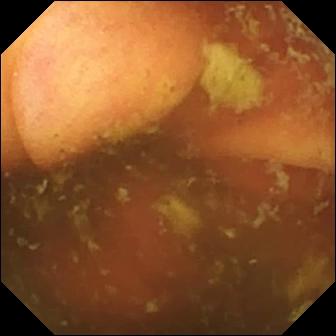Q: Where in the digestive tract was this WCE snapshot taken?
A: Ileo-cecal valve region.